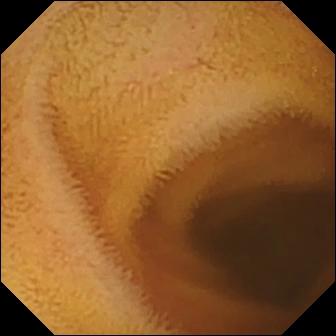modality: capsule endoscopy
segment: small intestine
category: luminal finding
label: normal clean mucosa